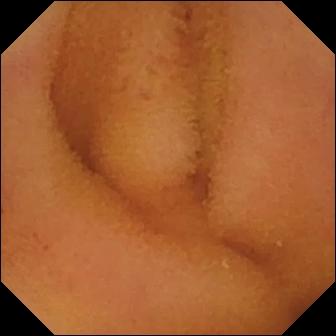Normal clean mucosa.